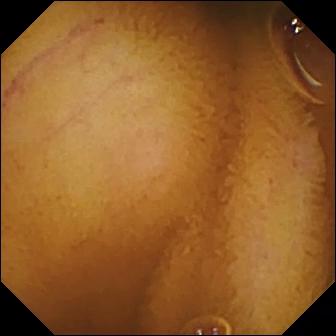{"modality": "video capsule endoscopy", "finding": "normal clean mucosa"}